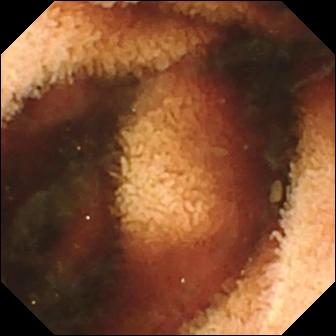Fresh blood in the lumen.